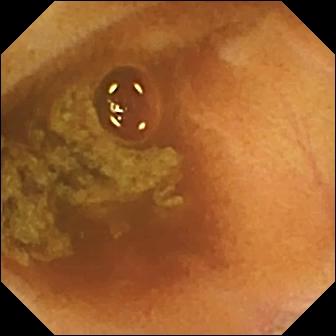Small-bowel capsule endoscopy image of the small bowel showing normal clean mucosa.